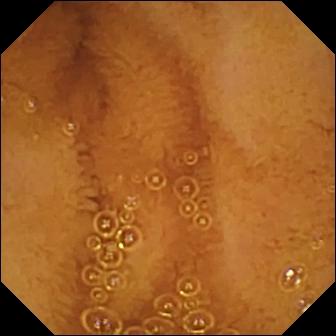Small-bowel capsule endoscopy still (small intestine). Normal clean mucosa.